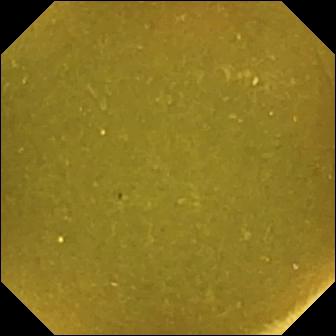Ileo-cecal valve region (where the capsule passes from the small bowel into the large bowel) — video capsule endoscopy frame.